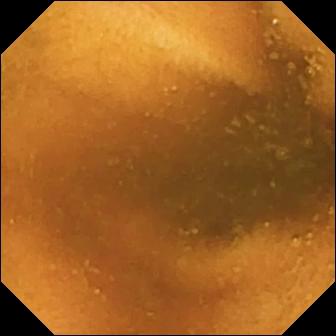Small-bowel capsule endoscopy view. Normal clean mucosa.